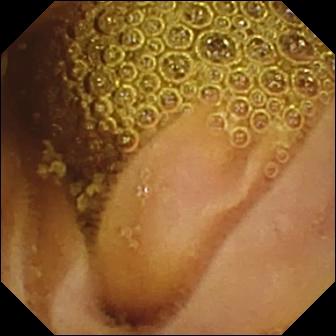modality: small-bowel capsule endoscopy
segment: small intestine
impression: normal clean mucosa